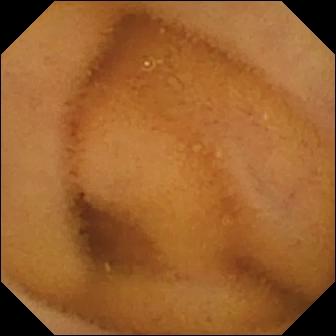modality: small-bowel capsule endoscopy; segment: small intestine; label: normal clean mucosa